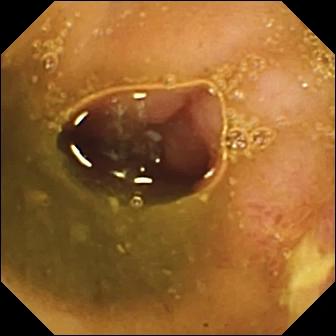modality: WCE | impression: ulcer